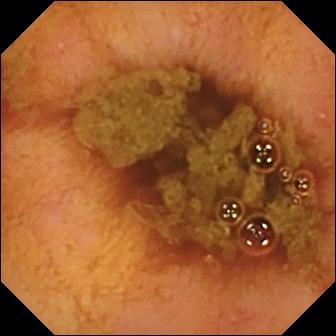{"modality": "VCE", "video_segment": "ileo-cecal valve region"}